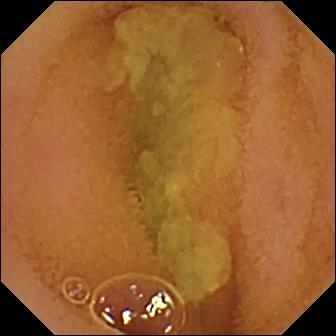PROCEDURE: VCE.
SEGMENT: Small intestine.
FINDINGS: Normal clean mucosa.